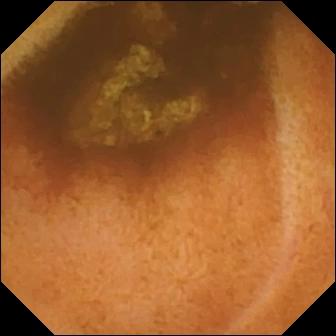Normal clean mucosa.